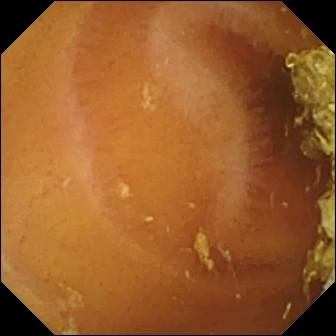Q: What does this WCE view show?
A: Normal clean mucosa.